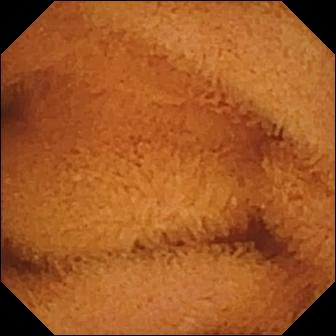Capsule endoscopy — normal clean mucosa.